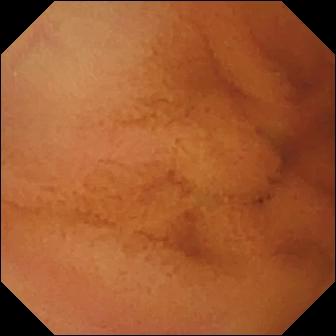VCE. Observation: normal clean mucosa.